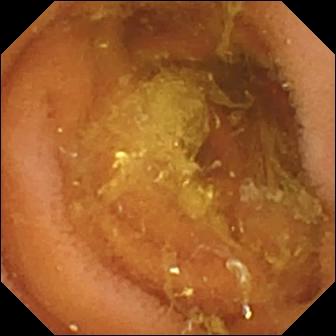Capsule endoscopy still (small intestine). Normal clean mucosa.